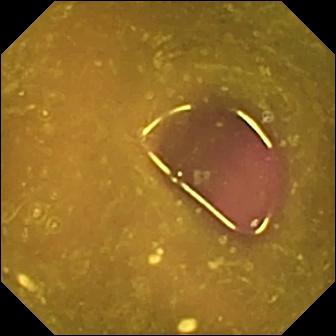- modality: small-bowel capsule endoscopy
- segment: small intestine
- label: reduced mucosal view (content or bubbles obscuring the mucosa)